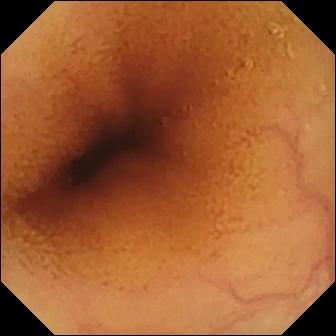{"modality": "WCE", "finding": "normal clean mucosa"}